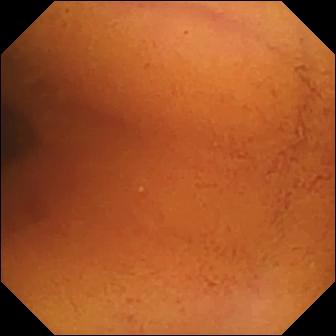This wireless capsule endoscopy view shows normal clean mucosa.